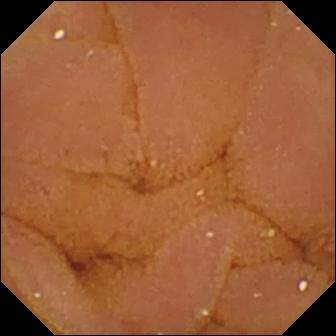Q: What does this capsule endoscopy view show?
A: Normal clean mucosa.